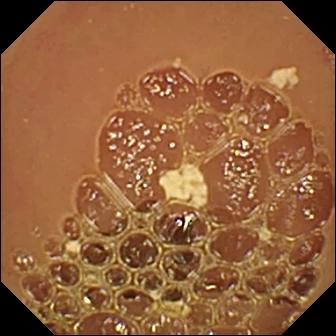Wireless capsule endoscopy still of the small intestine showing normal clean mucosa.